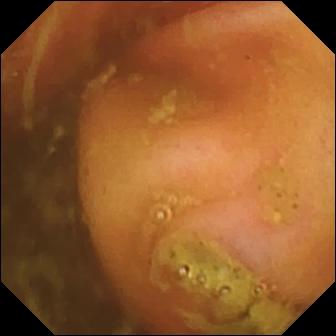Capsule endoscopy still
Position: ileo-cecal valve region (where the capsule passes from the small bowel into the large bowel)